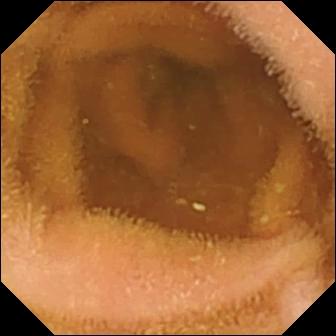{"modality": "capsule endoscopy", "category": "luminal finding", "finding": "normal clean mucosa"}